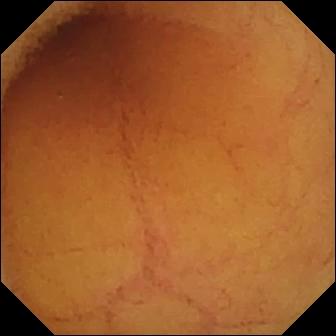PROCEDURE: Wireless capsule endoscopy.
FINDINGS: Normal clean mucosa.